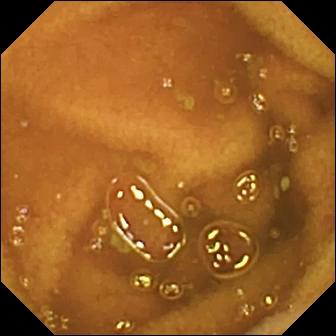Normal clean mucosa (336×336).